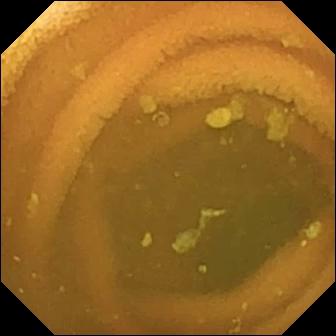This VCE frame shows normal clean mucosa.